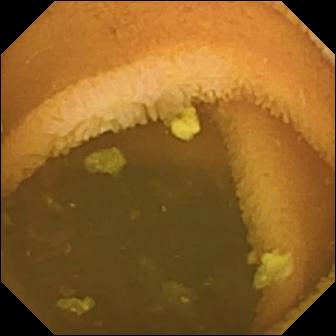modality: wireless capsule endoscopy | label: normal clean mucosa